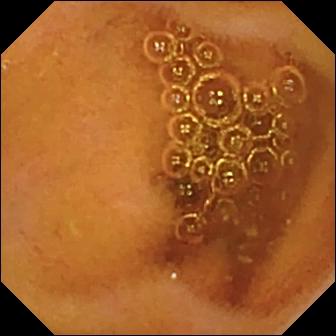Normal clean mucosa — WCE image of the small intestine.